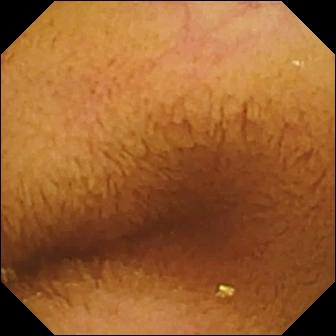modality: wireless capsule endoscopy; category: luminal finding; observation: normal clean mucosa